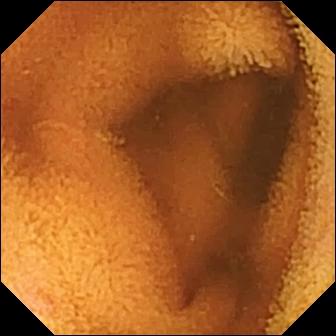VCE frame
Label: normal clean mucosa